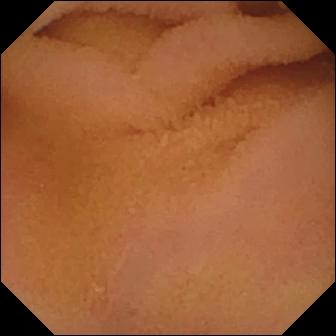Normal clean mucosa — video capsule endoscopy still.